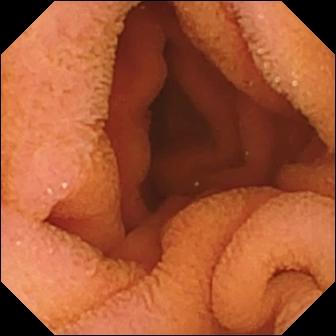Video capsule endoscopy still showing normal clean mucosa.